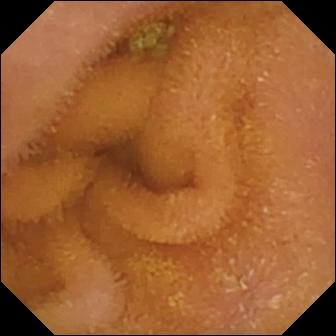Wireless capsule endoscopy. Luminal finding. Observation: normal clean mucosa.